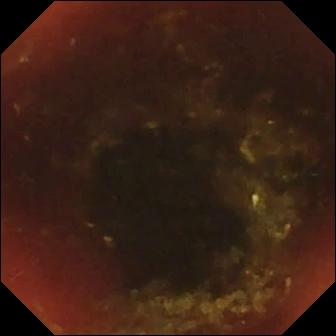WCE image
Label: ileo-cecal valve region (the transition from the small bowel to the large bowel)